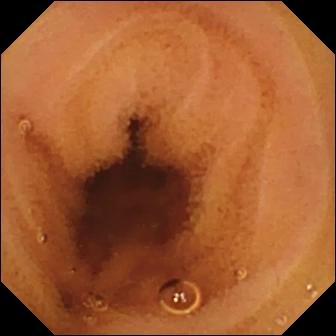- modality: small-bowel capsule endoscopy
- segment: small bowel
- category: luminal finding
- label: normal clean mucosa